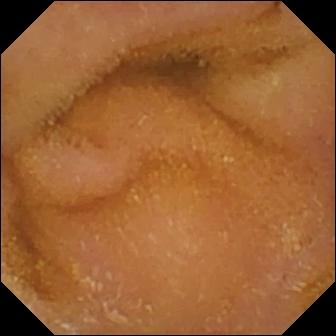Video capsule endoscopy. Observation: normal clean mucosa.